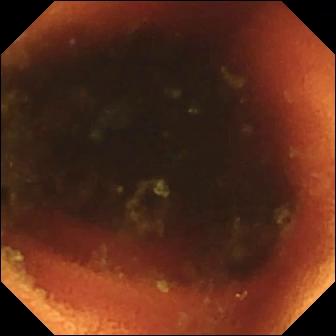- modality: wireless capsule endoscopy
- position: ileo-cecal valve region (the transition from the small bowel to the large bowel)